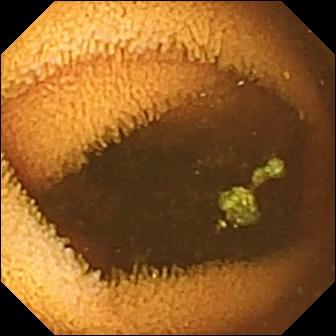- modality: video capsule endoscopy
- finding: normal clean mucosa